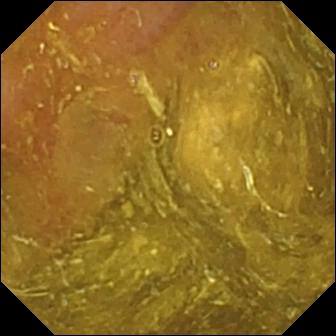This WCE snapshot was taken in the ileo-cecal valve region.